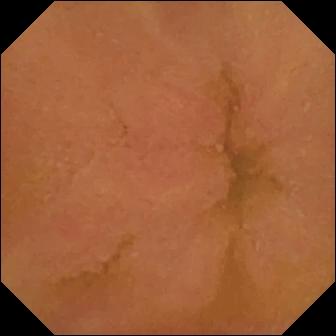VCE image (small intestine). Normal clean mucosa.